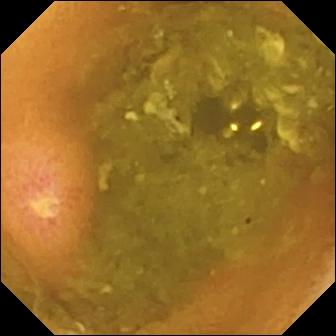{"modality": "wireless capsule endoscopy", "category": "luminal finding", "finding": "ulcer"}